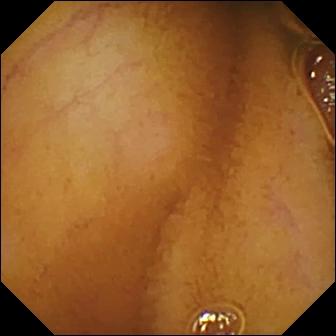Normal clean mucosa — VCE still of the small intestine.